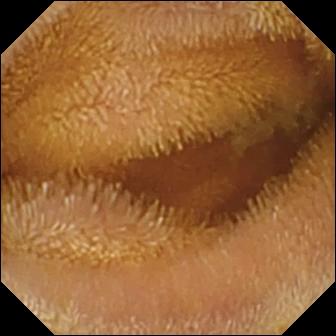Capsule endoscopy frame, small bowel
Impression: normal clean mucosa